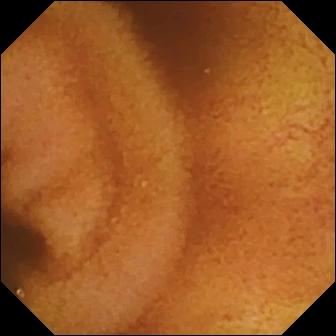WCE — normal clean mucosa.